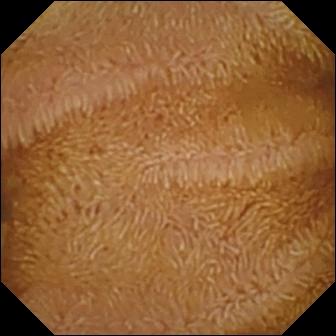Capsule endoscopy image (small bowel). Normal clean mucosa.